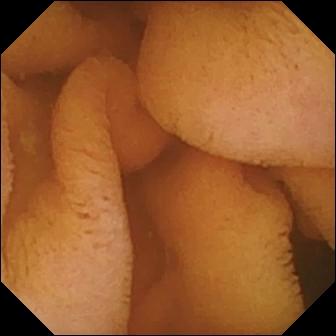modality: VCE | segment: small intestine | impression: normal clean mucosa